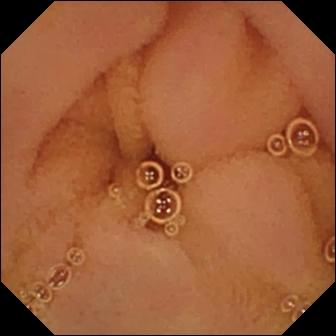Normal clean mucosa — WCE view of the small bowel.